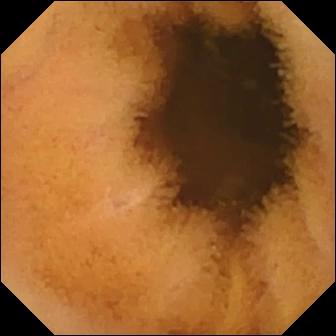Q: What does this capsule endoscopy still show?
A: Normal clean mucosa.